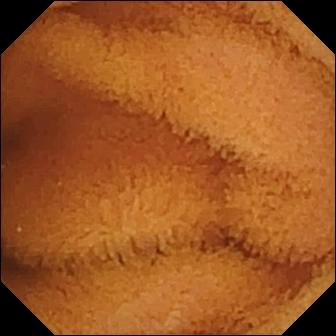Normal clean mucosa.